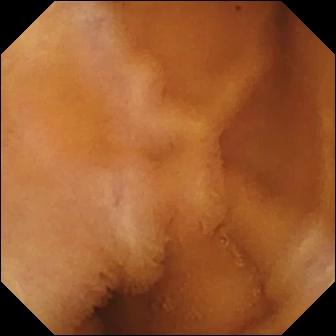This WCE snapshot of the small intestine shows normal clean mucosa.